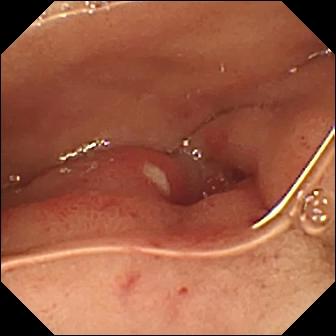- modality: VCE
- category: luminal finding
- observation: ulcer